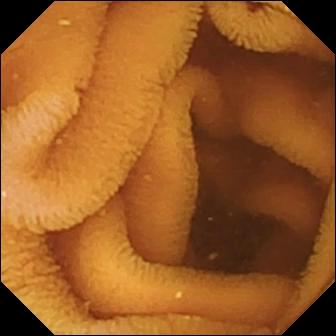Capsule endoscopy view, small intestine
Label: normal clean mucosa